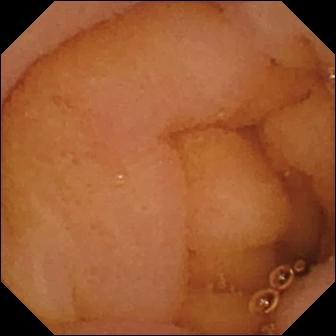VCE image showing normal clean mucosa.